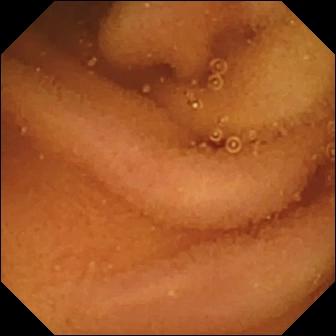This VCE still shows normal clean mucosa.